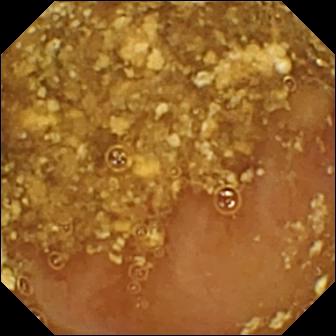{"modality": "small-bowel capsule endoscopy", "finding": "reduced mucosal view (content or bubbles obscuring the mucosa)"}